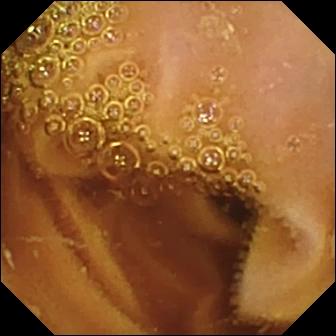Wireless capsule endoscopy frame, 336×336. Normal clean mucosa.